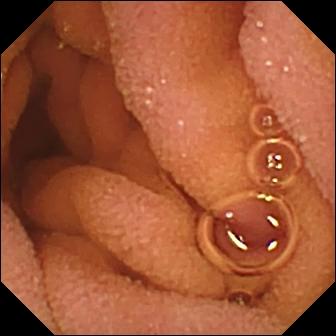- modality: wireless capsule endoscopy
- category: luminal finding
- finding: normal clean mucosa